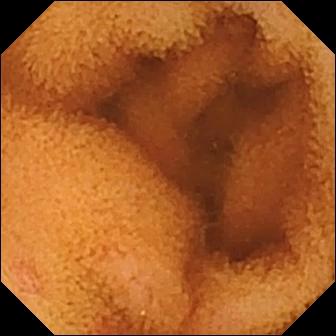modality: VCE
segment: small bowel
category: luminal finding
observation: normal clean mucosa